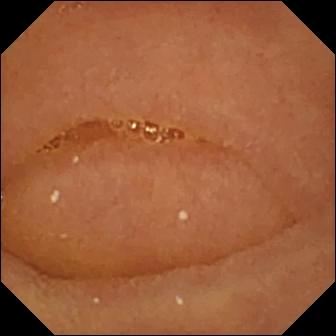modality: VCE; segment: small intestine; label: normal clean mucosa